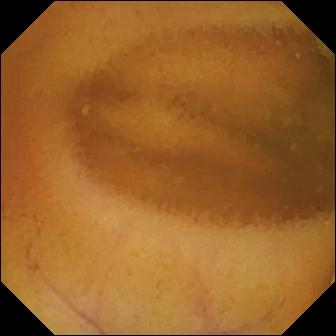Small-bowel capsule endoscopy. Luminal finding. Label: normal clean mucosa.